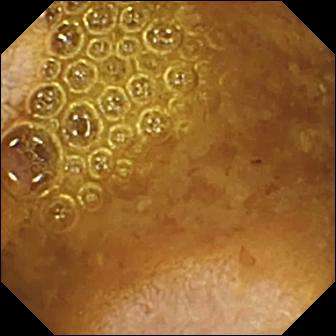PROCEDURE: Video capsule endoscopy.
FINDINGS: Reduced mucosal view (content or bubbles obscuring the mucosa).